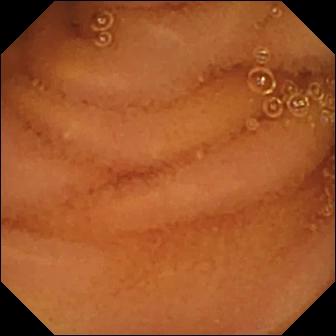modality: small-bowel capsule endoscopy; segment: small intestine; category: luminal finding; label: normal clean mucosa